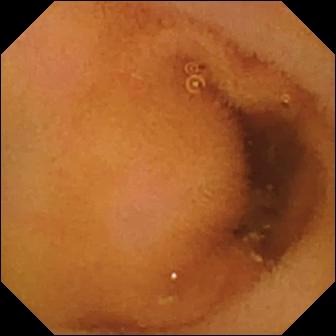{"modality": "wireless capsule endoscopy", "segment": "small bowel", "finding": "normal clean mucosa"}